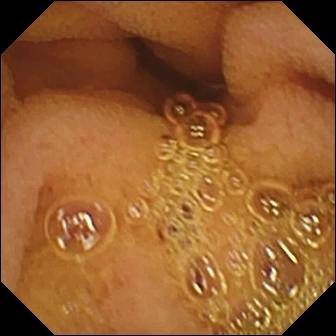Small-bowel capsule endoscopy still, small bowel
Label: normal clean mucosa